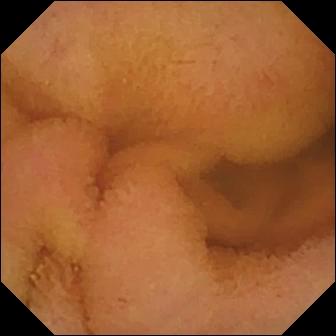{"modality": "WCE", "finding": "normal clean mucosa"}